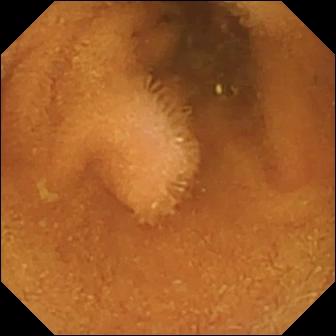PROCEDURE: Small-bowel capsule endoscopy.
SEGMENT: Small intestine.
FINDINGS: Normal clean mucosa.